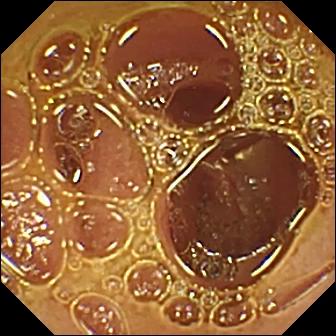{"modality": "capsule endoscopy", "finding": "normal clean mucosa"}